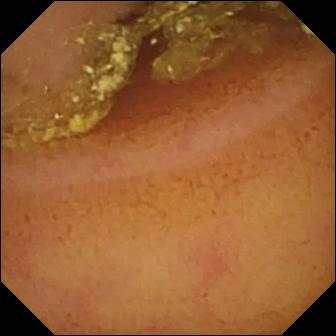PROCEDURE: WCE.
SEGMENT: Small bowel.
FINDINGS: Normal clean mucosa.